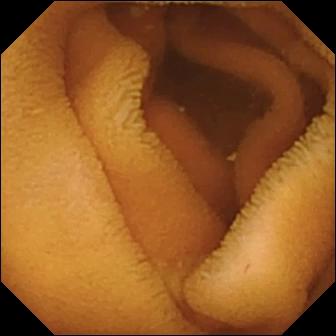PROCEDURE: VCE.
SEGMENT: Small intestine.
FINDINGS: Normal clean mucosa.